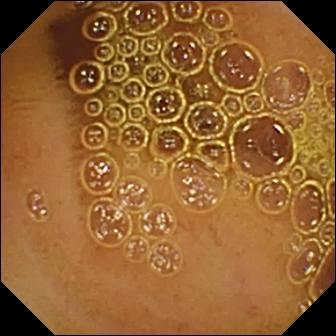Video capsule endoscopy image, small bowel
Finding: normal clean mucosa